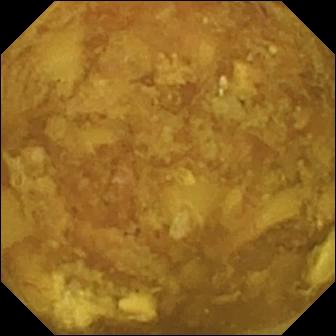Reduced mucosal view (content or bubbles obscuring the mucosa).